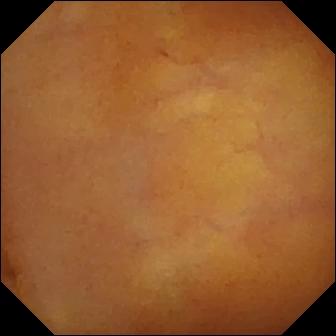Small-bowel capsule endoscopy — normal clean mucosa.